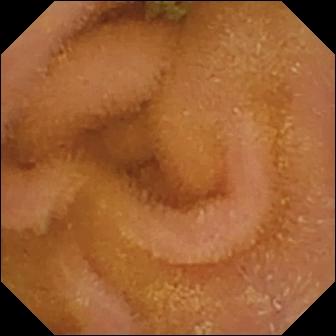This wireless capsule endoscopy image of the small bowel shows normal clean mucosa.